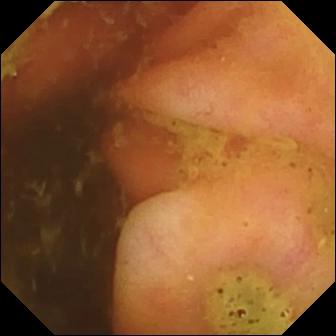Ileo-cecal valve region (the transition from the small bowel to the large bowel), 336×336.